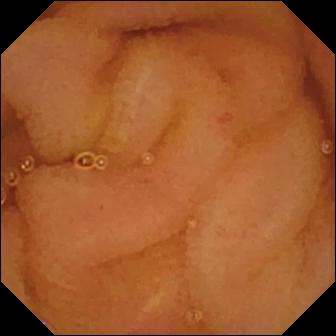Normal clean mucosa — video capsule endoscopy snapshot of the small bowel.